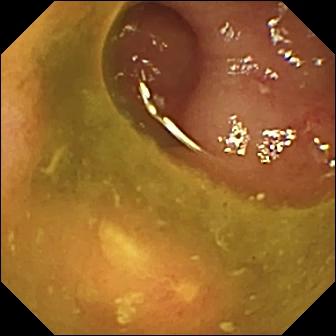VCE snapshot showing ulcer.